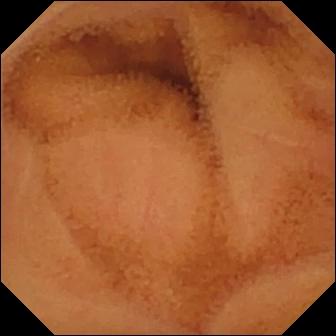Video capsule endoscopy image (small bowel). Normal clean mucosa.